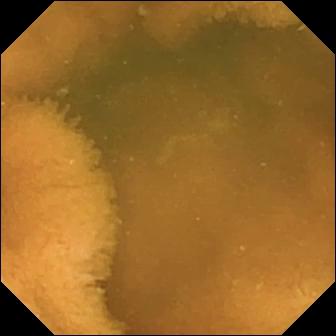modality: VCE | impression: normal clean mucosa